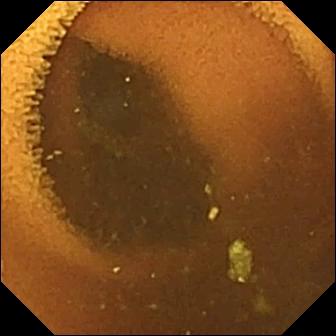PROCEDURE: WCE.
SEGMENT: Small intestine.
FINDINGS: Normal clean mucosa.